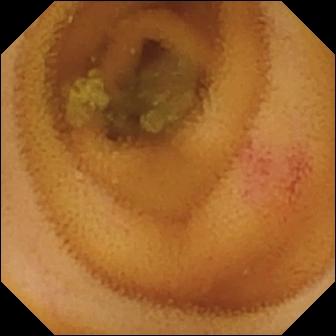- modality: wireless capsule endoscopy
- category: luminal finding
- finding: angiectasia